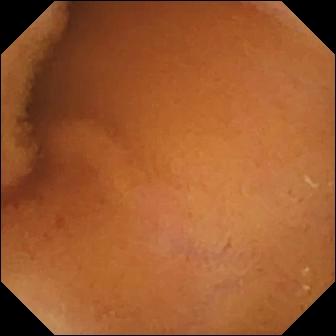Q: What does this WCE view of the small intestine show?
A: Normal clean mucosa.